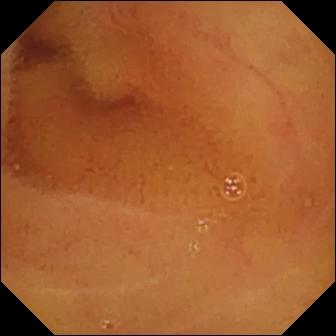Normal clean mucosa.